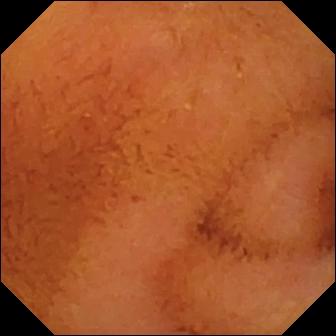VCE frame (small intestine). Normal clean mucosa.